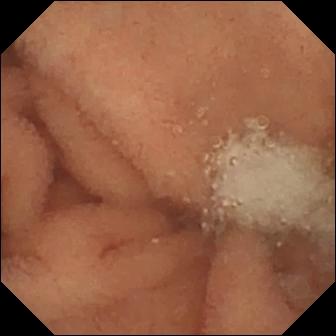Small-bowel capsule endoscopy frame
Label: normal clean mucosa